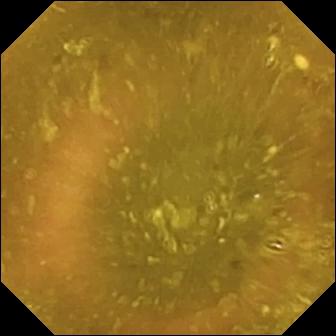Q: Where in the digestive tract was this capsule endoscopy snapshot taken?
A: Ileo-cecal valve region (where the capsule passes from the small bowel into the large bowel).